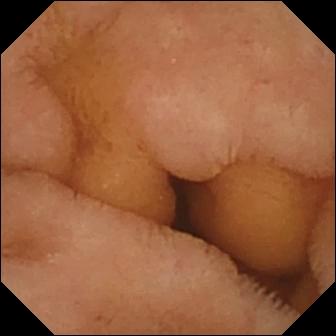{"modality": "WCE", "category": "luminal finding", "finding": "normal clean mucosa"}